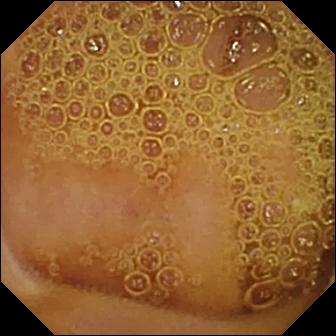Normal clean mucosa — small-bowel capsule endoscopy snapshot of the small bowel.